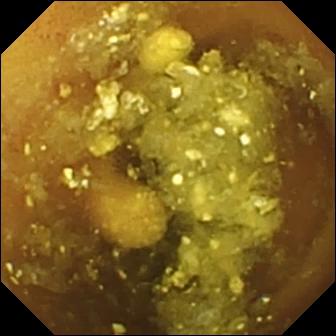Small-bowel capsule endoscopy — lymphangiectasia.